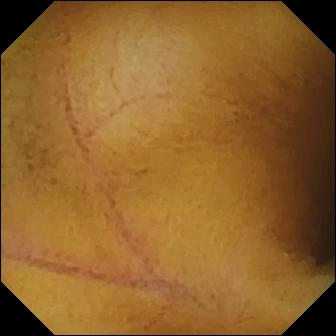- modality: capsule endoscopy
- impression: normal clean mucosa